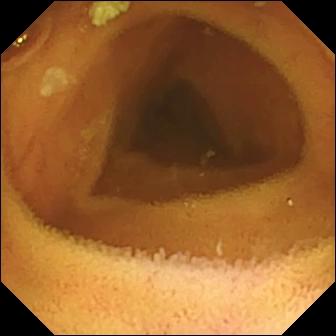Wireless capsule endoscopy image, small intestine
Finding: normal clean mucosa